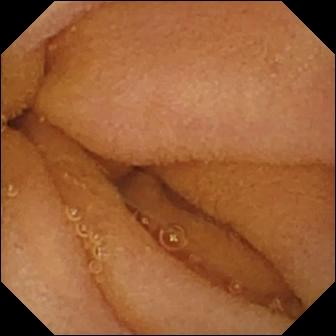WCE — normal clean mucosa.